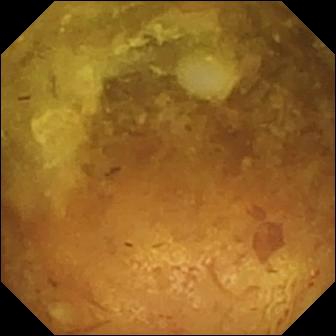Reduced mucosal view (content or bubbles obscuring the mucosa).